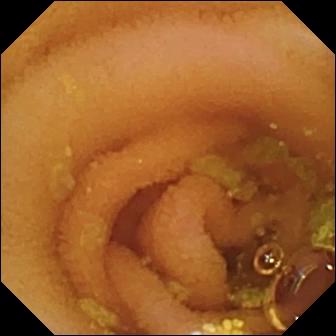Q: What does this WCE image show?
A: Lymphangiectasia.